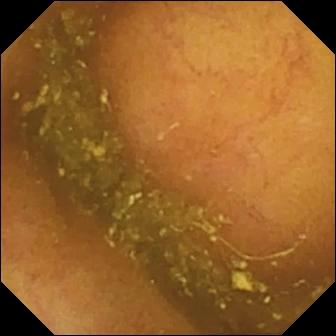modality: VCE | video segment: ileo-cecal valve region